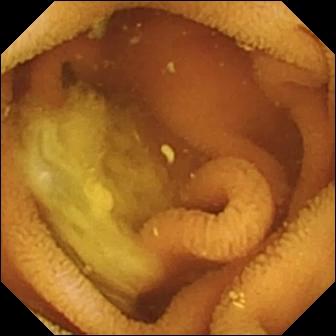Normal clean mucosa — WCE snapshot.